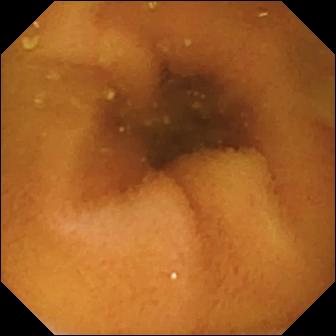VCE frame. Normal clean mucosa.